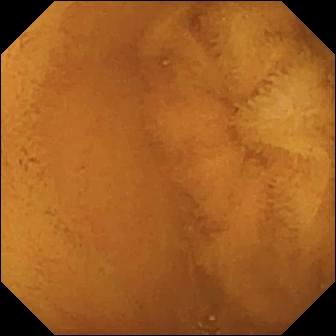Q: What does this capsule endoscopy image show?
A: Normal clean mucosa.